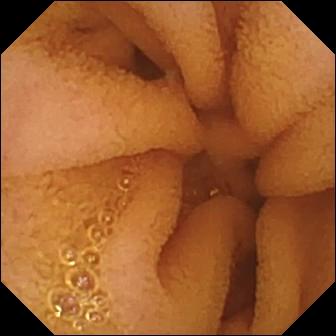Q: What does this capsule endoscopy view of the small intestine show?
A: Normal clean mucosa.